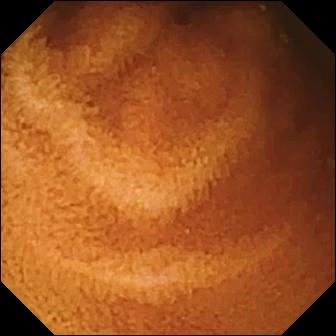PROCEDURE: Video capsule endoscopy.
FINDINGS: Normal clean mucosa.